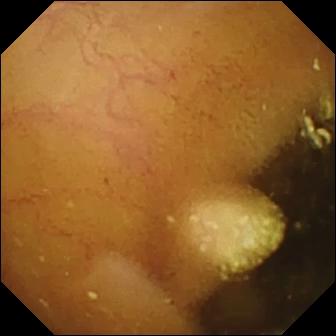Small-bowel capsule endoscopy view. Lymphangiectasia.